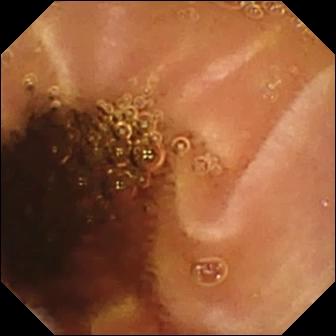{"modality": "VCE", "segment": "small bowel", "finding": "normal clean mucosa"}